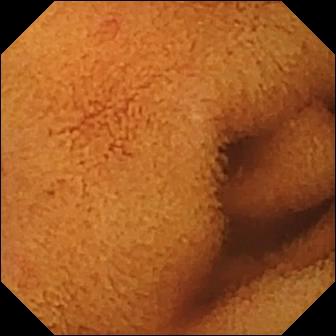WCE view showing normal clean mucosa.